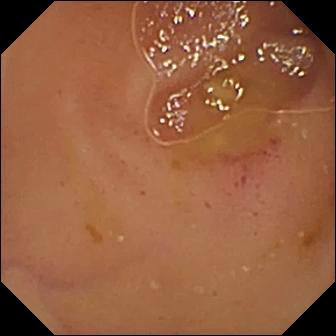modality: WCE | observation: erythema (mucosal redness)